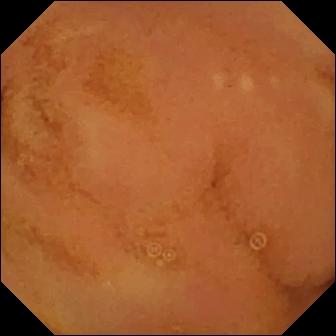Normal clean mucosa — small-bowel capsule endoscopy snapshot of the small bowel.